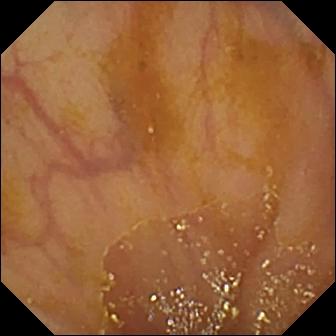Capsule endoscopy. Video segment: ileo-cecal valve region (where the capsule passes from the small bowel into the large bowel).